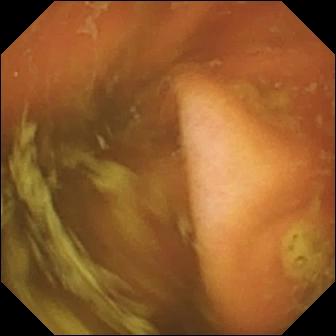WCE. Near an anatomical landmark. Label: ileo-cecal valve region (where the capsule passes from the small bowel into the large bowel).